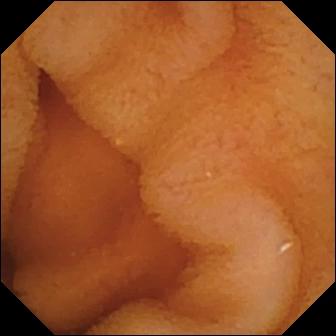Video capsule endoscopy — normal clean mucosa.